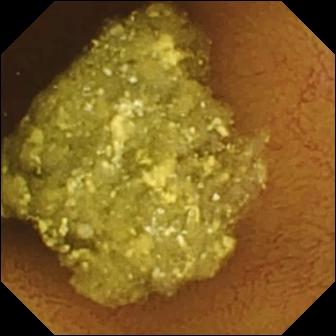This WCE frame of the small bowel shows normal clean mucosa.